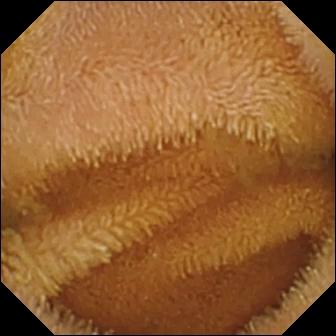Capsule endoscopy still of the small bowel showing normal clean mucosa.